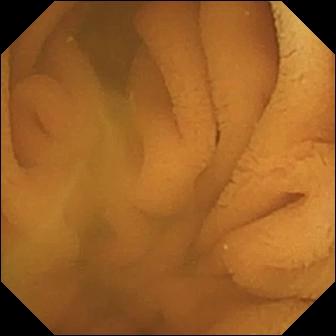Q: What does this wireless capsule endoscopy still of the small intestine show?
A: Normal clean mucosa.